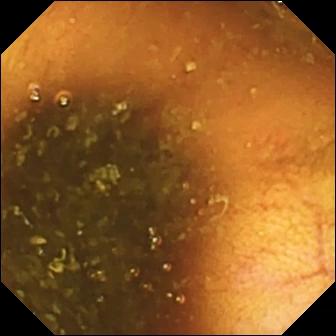{"modality": "video capsule endoscopy", "position": "ileo-cecal valve region (where the capsule passes from the small bowel into the large bowel)"}